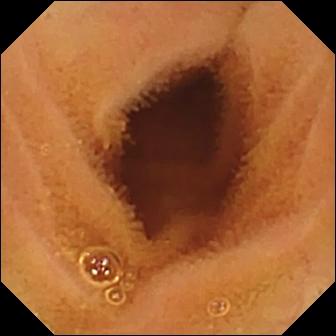Capsule endoscopy still
Observation: normal clean mucosa